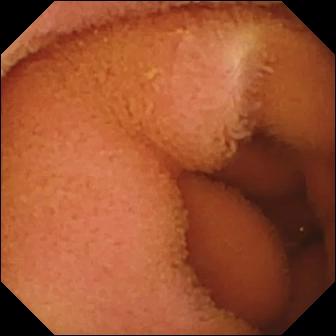PROCEDURE: VCE.
SEGMENT: Small bowel.
FINDINGS: Normal clean mucosa.